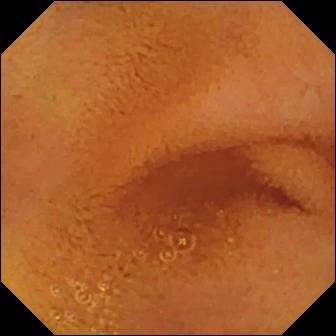Capsule endoscopy — normal clean mucosa.